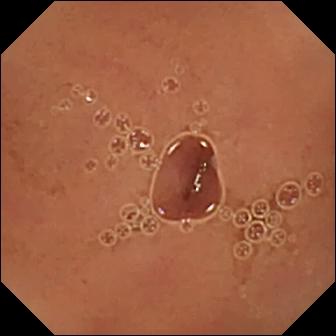modality: video capsule endoscopy; segment: small bowel; category: luminal finding; observation: normal clean mucosa